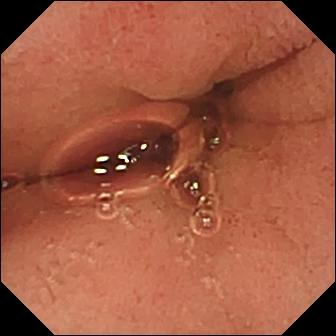WCE frame
Label: pylorus region